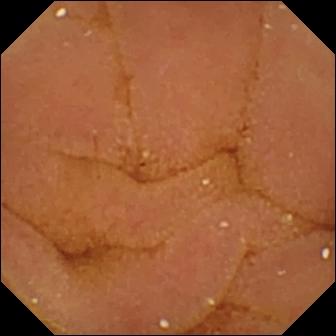Normal clean mucosa.